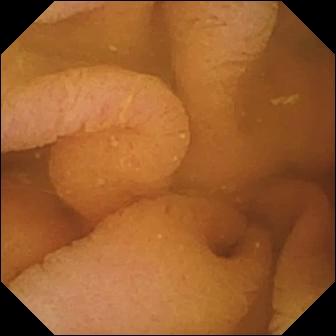{"modality": "WCE", "category": "luminal finding", "finding": "normal clean mucosa"}